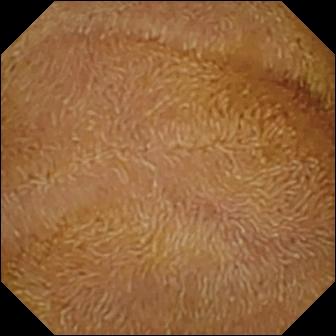Capsule endoscopy image
Observation: normal clean mucosa